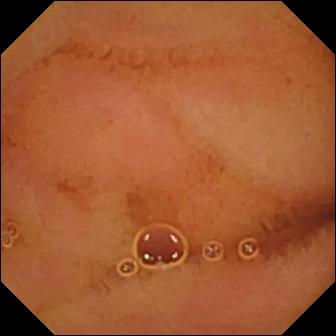Normal clean mucosa — WCE image of the small intestine.